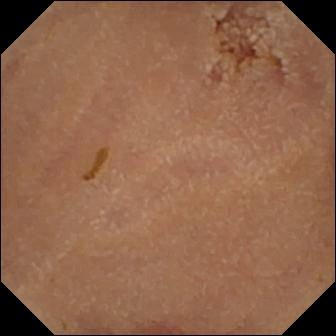Normal clean mucosa (336×336).